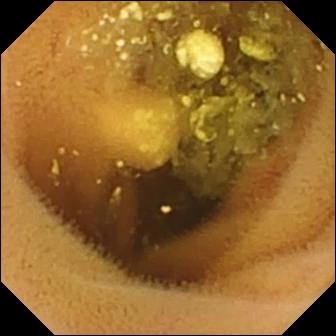Video capsule endoscopy — lymphangiectasia.